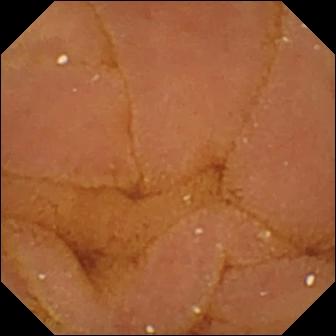Capsule endoscopy still
Label: normal clean mucosa